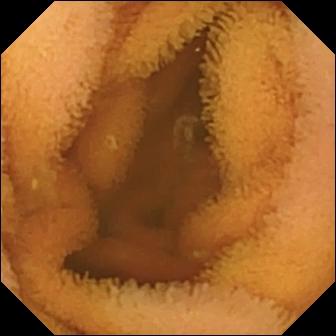Video capsule endoscopy frame, small intestine
Finding: normal clean mucosa